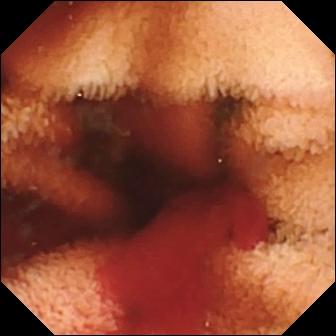Fresh blood in the lumen (336×336).